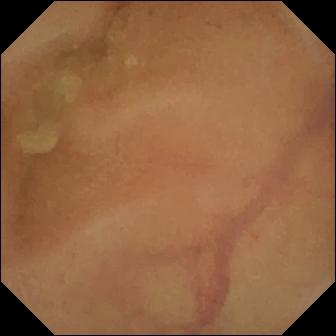Small-bowel capsule endoscopy — normal clean mucosa.